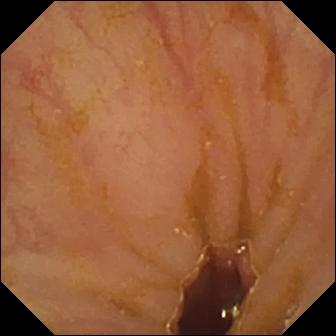Wireless capsule endoscopy image
Location: ileo-cecal valve region